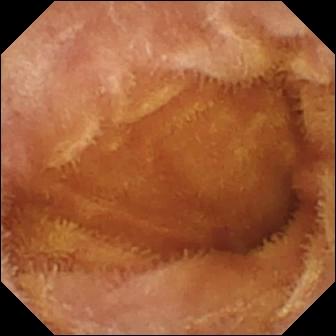This video capsule endoscopy image shows normal clean mucosa.